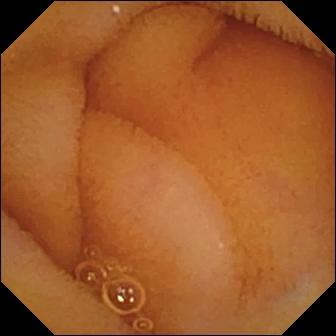Normal clean mucosa (336×336).